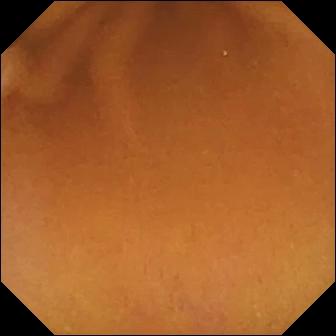PROCEDURE: Small-bowel capsule endoscopy.
SEGMENT: Small intestine.
FINDINGS: Normal clean mucosa.